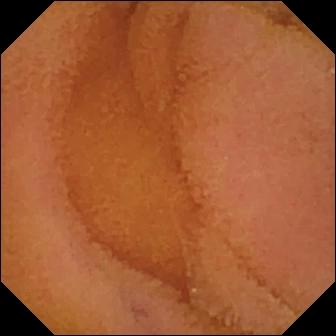Video capsule endoscopy image
Impression: normal clean mucosa